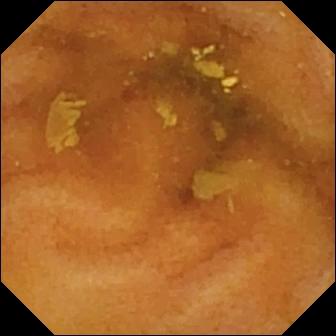Small-bowel capsule endoscopy — normal clean mucosa.